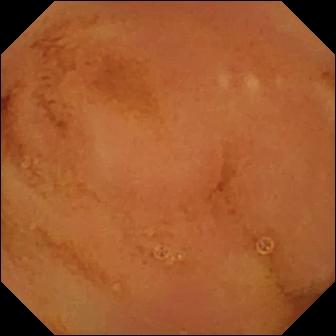Video capsule endoscopy view, 336×336. Normal clean mucosa.